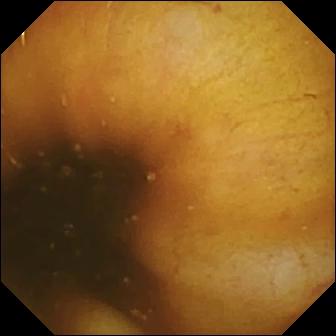WCE. Near an anatomical landmark. Label: ileo-cecal valve region (the transition from the small bowel to the large bowel).